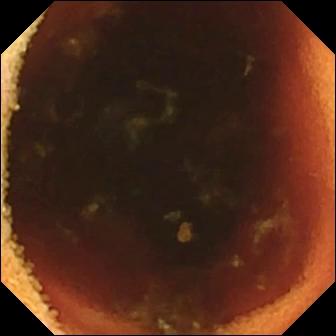{"modality": "WCE", "label": "ileo-cecal valve region"}